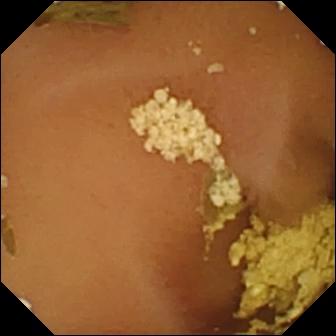Capsule endoscopy. Finding: normal clean mucosa.